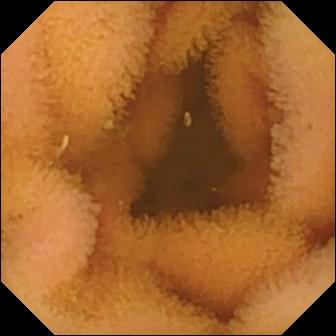Small-bowel capsule endoscopy. Small bowel. Finding: normal clean mucosa.